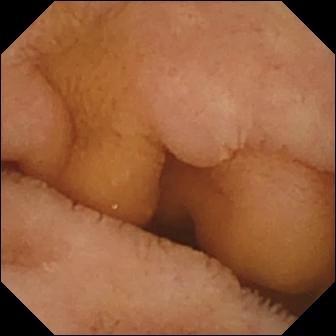- modality: small-bowel capsule endoscopy
- category: luminal finding
- impression: normal clean mucosa